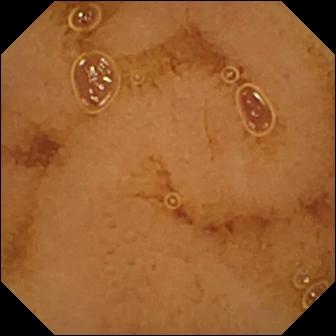PROCEDURE: Video capsule endoscopy.
SEGMENT: Small intestine.
FINDINGS: Normal clean mucosa.